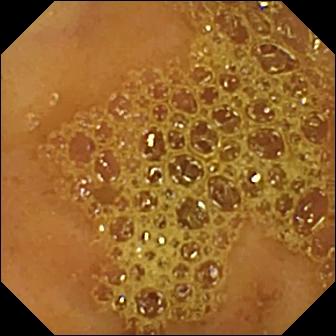Capsule endoscopy. Location: ileo-cecal valve region (where the capsule passes from the small bowel into the large bowel).